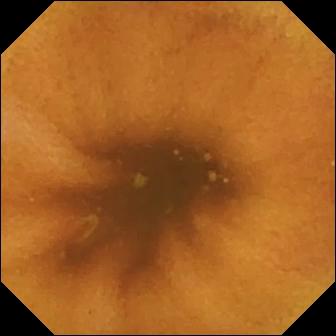Wireless capsule endoscopy snapshot. Normal clean mucosa.